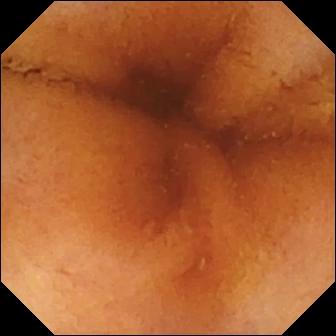Capsule endoscopy. Label: normal clean mucosa.